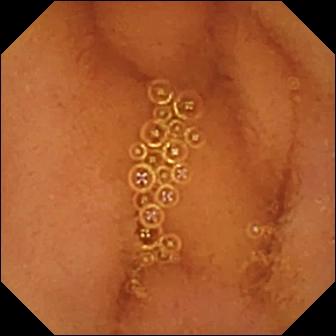modality: VCE; category: luminal finding; label: normal clean mucosa